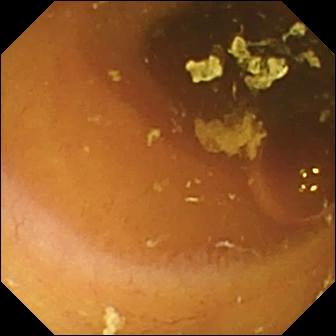{"modality": "video capsule endoscopy", "segment": "small bowel", "finding": "normal clean mucosa"}